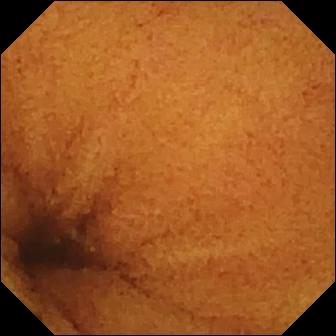Video capsule endoscopy view, small bowel
Label: normal clean mucosa